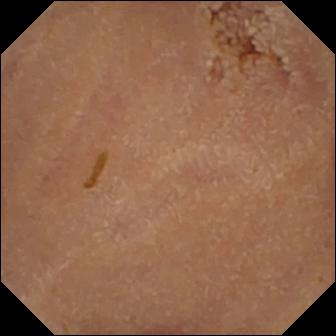{"modality": "wireless capsule endoscopy", "segment": "small bowel", "category": "luminal finding", "finding": "normal clean mucosa"}